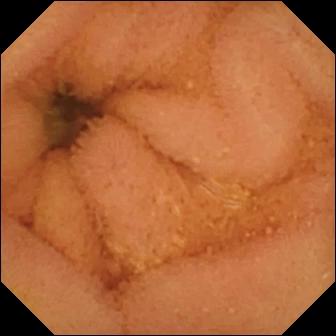Small-bowel capsule endoscopy image. Normal clean mucosa.